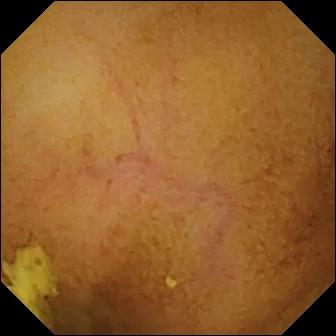Q: What does this wireless capsule endoscopy view of the small bowel show?
A: Normal clean mucosa.